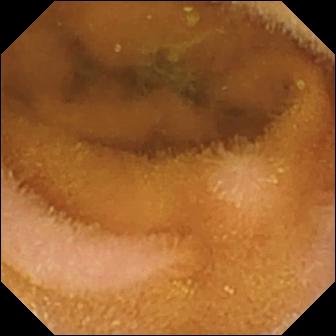Q: What does this small-bowel capsule endoscopy frame show?
A: Normal clean mucosa.